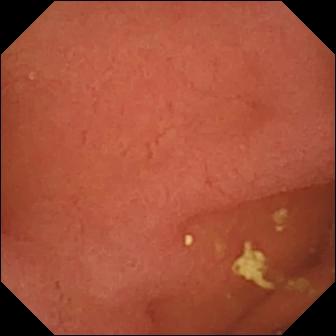Small-bowel capsule endoscopy still. Taken in the pylorus region.